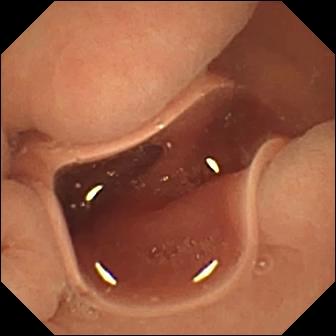VCE. Luminal finding. Label: normal clean mucosa.